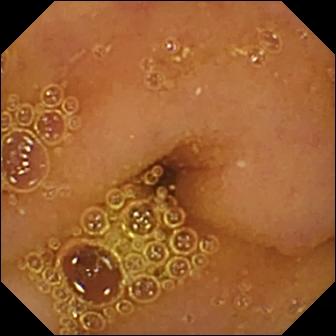{"modality": "VCE", "finding": "normal clean mucosa"}